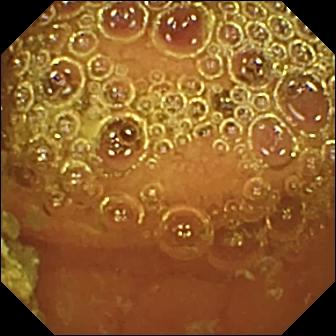Video capsule endoscopy still of the small bowel showing normal clean mucosa.